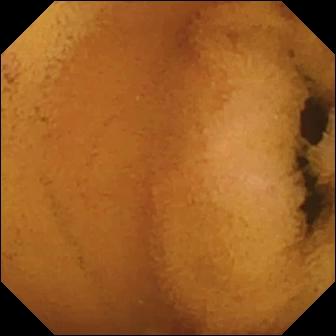Q: What does this capsule endoscopy still show?
A: Normal clean mucosa.